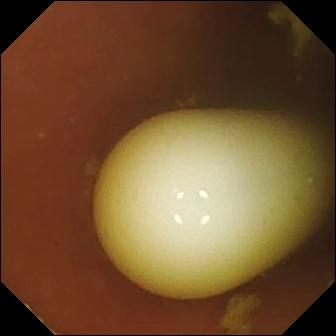{"modality": "wireless capsule endoscopy", "category": "luminal finding", "finding": "foreign body (e.g. retained capsule, tablet residue)"}